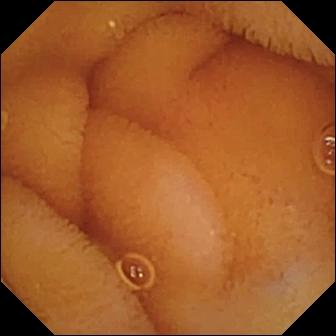This WCE snapshot of the small bowel shows normal clean mucosa.